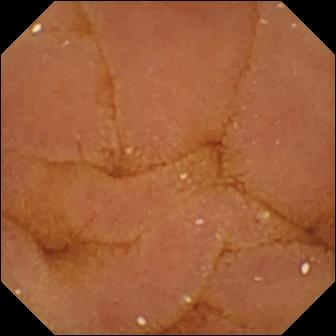Capsule endoscopy snapshot (small bowel). Normal clean mucosa.